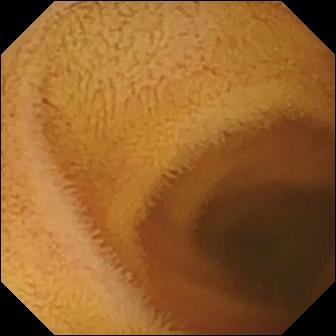Normal clean mucosa — video capsule endoscopy image.